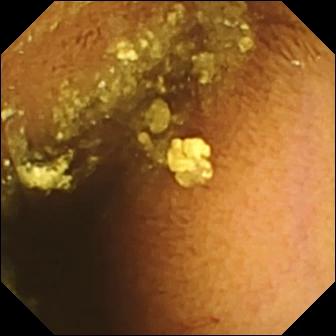PROCEDURE: Video capsule endoscopy.
SEGMENT: Small bowel.
FINDINGS: Normal clean mucosa.